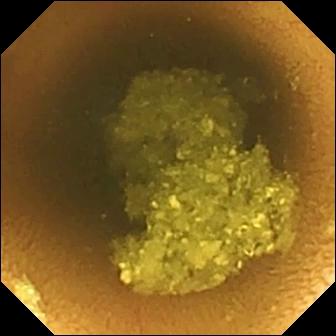- modality: WCE
- segment: small intestine
- label: normal clean mucosa